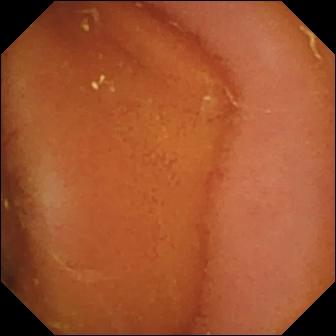Small-bowel capsule endoscopy frame showing normal clean mucosa.